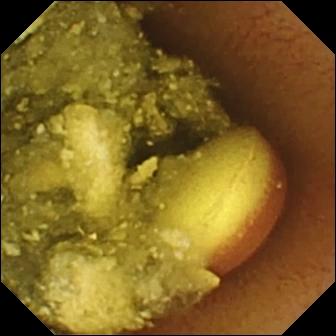VCE. Finding: foreign body (e.g. retained capsule, tablet residue).